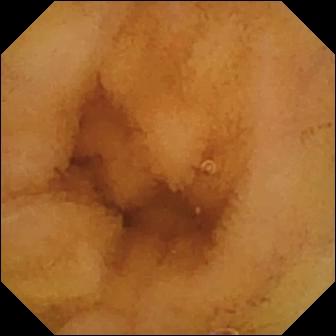Normal clean mucosa — wireless capsule endoscopy frame of the small intestine.